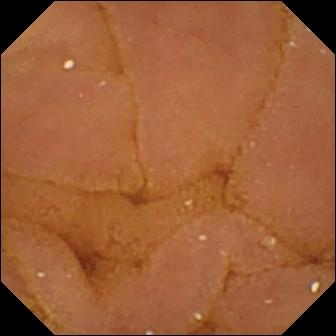- modality: small-bowel capsule endoscopy
- category: luminal finding
- impression: normal clean mucosa